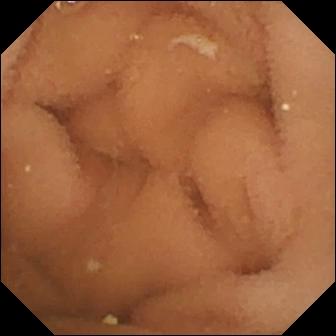Video capsule endoscopy frame, 336×336. Normal clean mucosa.